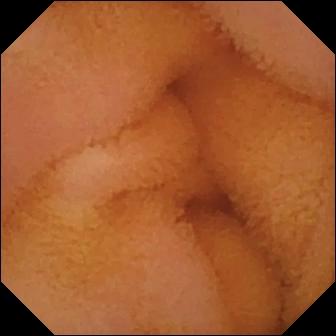WCE frame (small intestine). Normal clean mucosa.